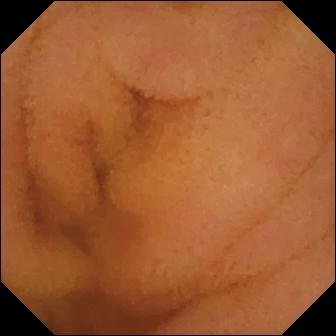Wireless capsule endoscopy image, small bowel
Label: normal clean mucosa